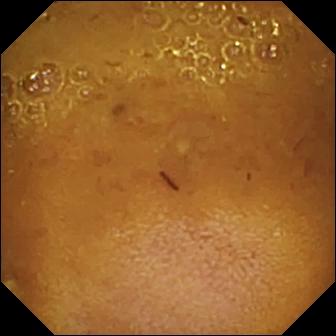Reduced mucosal view (content or bubbles obscuring the mucosa).